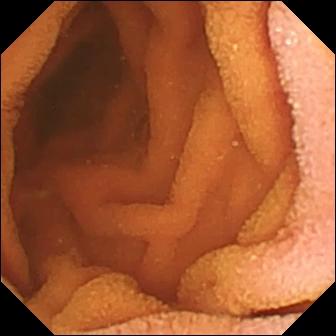Normal clean mucosa (336×336).